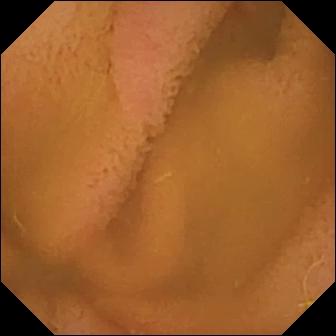Q: What does this VCE image show?
A: Normal clean mucosa.